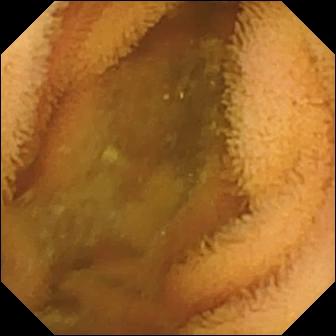- modality: video capsule endoscopy
- segment: small intestine
- category: luminal finding
- finding: normal clean mucosa